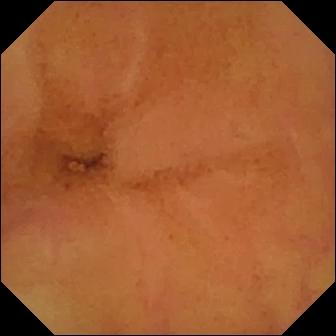Capsule endoscopy — normal clean mucosa.